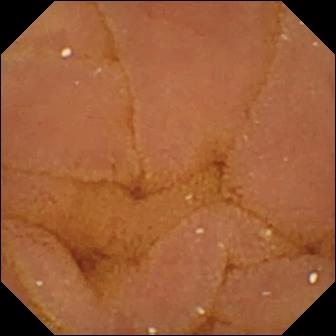- modality: small-bowel capsule endoscopy
- category: luminal finding
- impression: normal clean mucosa